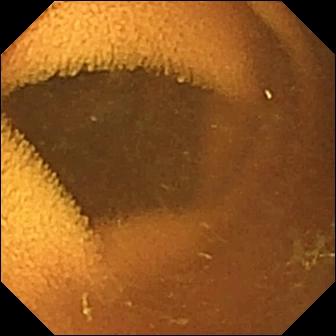Video capsule endoscopy still of the small intestine showing normal clean mucosa.